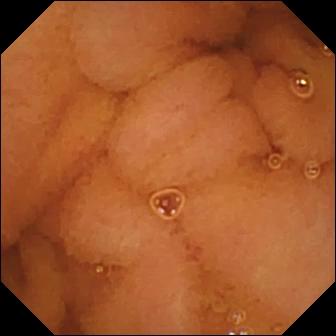Small-bowel capsule endoscopy view, 336×336. Normal clean mucosa.